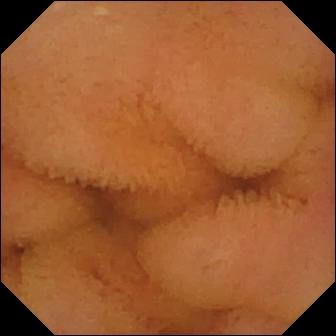Normal clean mucosa — wireless capsule endoscopy image.